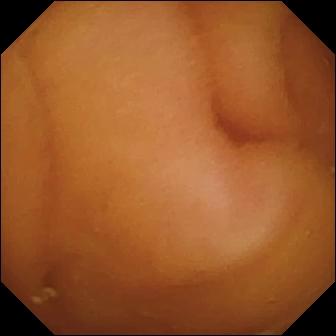Small-bowel capsule endoscopy — normal clean mucosa.